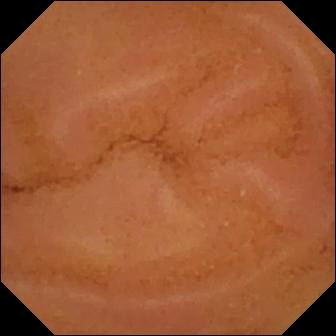Video capsule endoscopy image (small bowel). Normal clean mucosa.